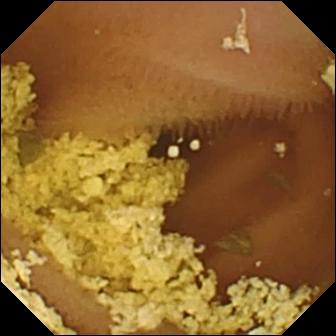Small-bowel capsule endoscopy. Luminal finding. Observation: normal clean mucosa.